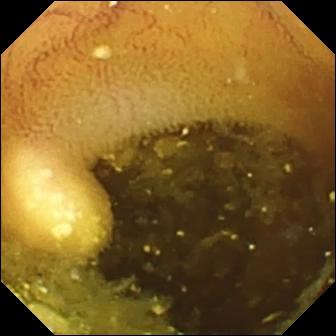Wireless capsule endoscopy snapshot
Finding: lymphangiectasia